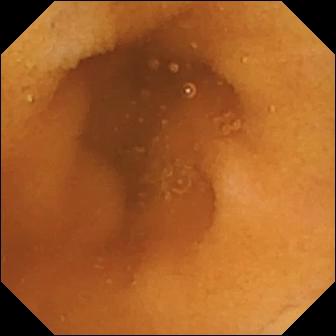PROCEDURE: VCE.
SEGMENT: Small bowel.
FINDINGS: Normal clean mucosa.